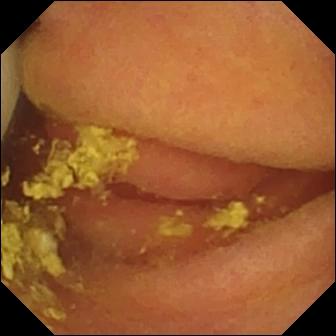Small-bowel capsule endoscopy snapshot showing foreign body (e.g. retained capsule, tablet residue).